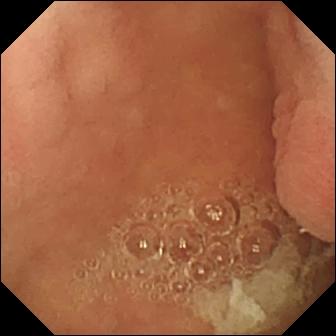Q: Where in the digestive tract was this VCE image taken?
A: Pylorus region (the junction between the stomach and the small bowel).